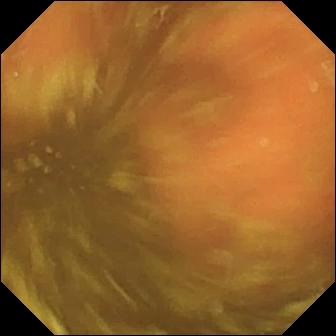Ileo-cecal valve region (the transition from the small bowel to the large bowel) — VCE image.